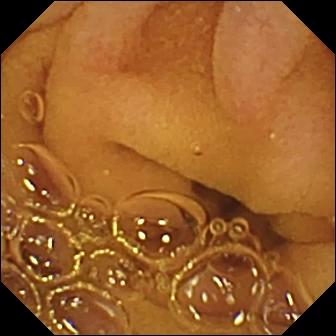- modality: VCE
- segment: small intestine
- label: normal clean mucosa